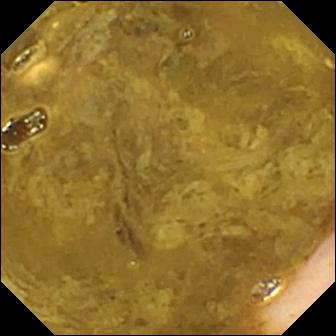VCE — ileo-cecal valve region.